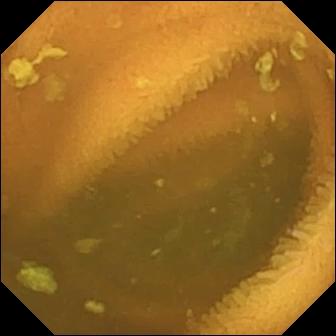{"modality": "video capsule endoscopy", "finding": "normal clean mucosa"}